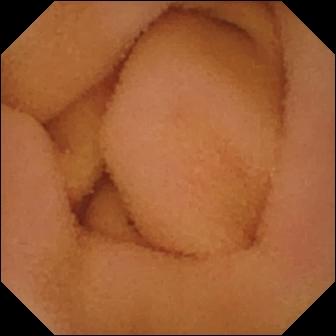Q: What does this wireless capsule endoscopy image of the small bowel show?
A: Normal clean mucosa.